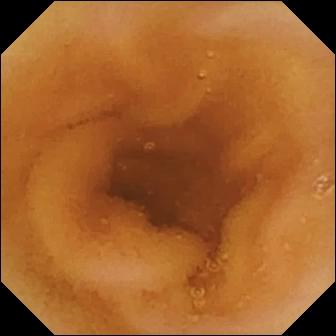Normal clean mucosa — capsule endoscopy view of the small bowel.